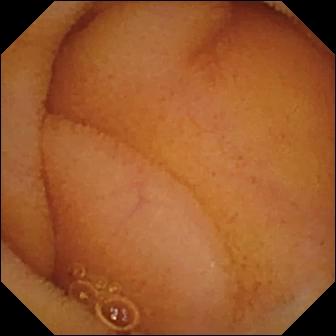modality: capsule endoscopy | segment: small bowel | finding: normal clean mucosa